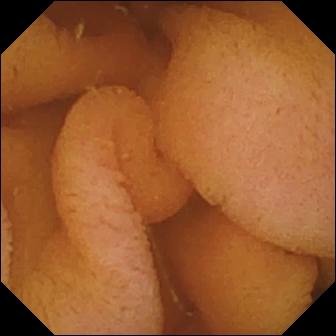- modality: video capsule endoscopy
- label: normal clean mucosa